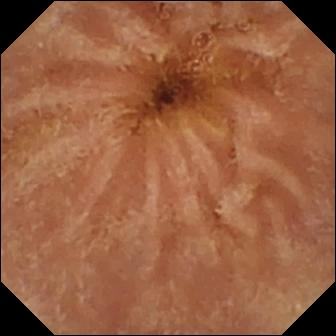Normal clean mucosa — VCE frame.